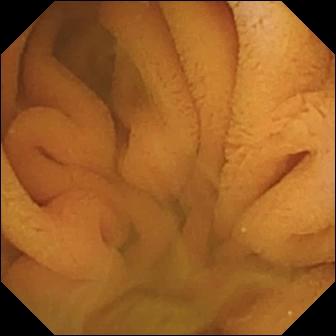Normal clean mucosa (336×336).